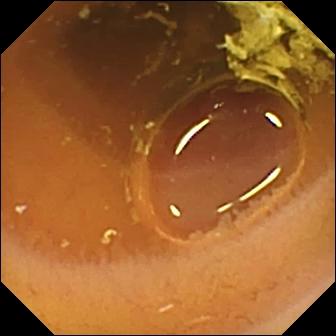Small-bowel capsule endoscopy still. Normal clean mucosa.